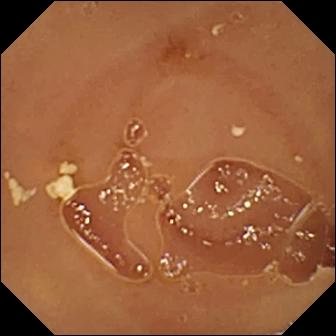Small-bowel capsule endoscopy image, small bowel
Observation: normal clean mucosa